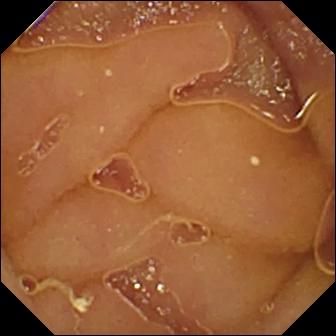modality: capsule endoscopy; segment: small intestine; impression: normal clean mucosa